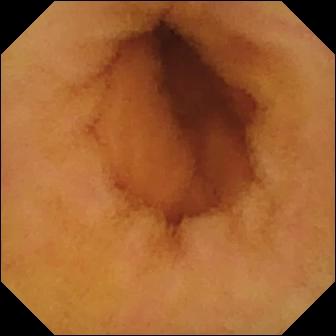{"modality": "VCE", "category": "luminal finding", "finding": "normal clean mucosa"}